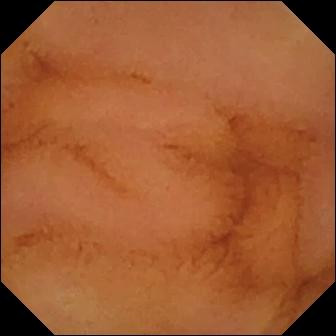This wireless capsule endoscopy still shows normal clean mucosa.